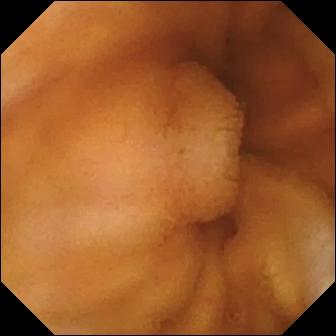This video capsule endoscopy view shows normal clean mucosa.